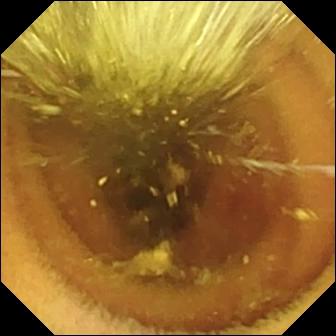WCE — pylorus region (the junction between the stomach and the small bowel).